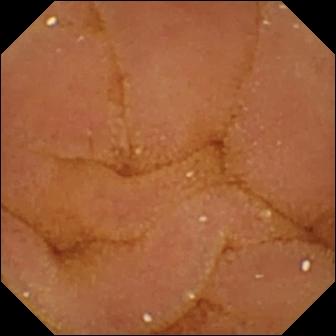Capsule endoscopy snapshot
Impression: normal clean mucosa